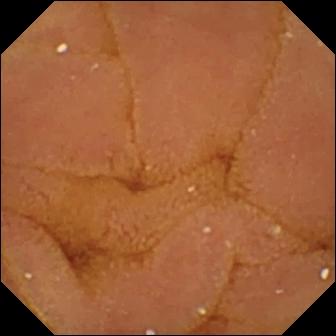Small-bowel capsule endoscopy. Finding: normal clean mucosa.